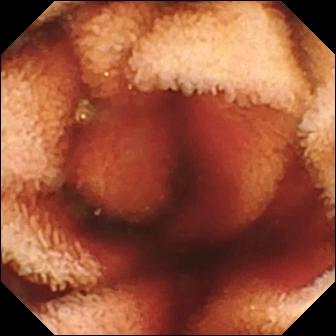VCE view
Finding: fresh blood in the lumen